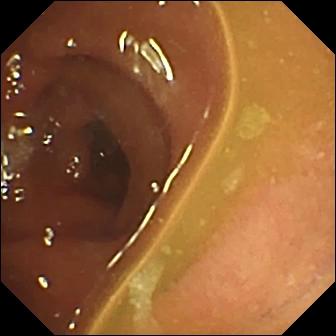PROCEDURE: Small-bowel capsule endoscopy.
SEGMENT: Small intestine.
FINDINGS: Normal clean mucosa.